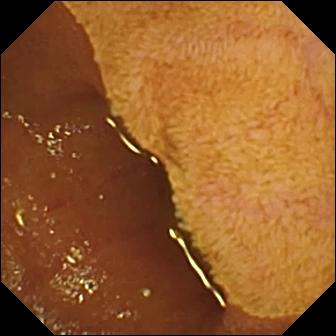- modality: VCE
- label: ileo-cecal valve region (the transition from the small bowel to the large bowel)